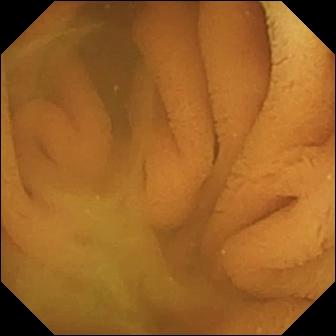Video capsule endoscopy view, small intestine
Label: normal clean mucosa